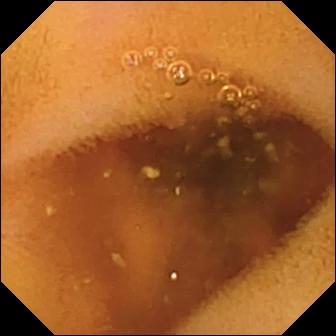Q: What does this VCE frame show?
A: Normal clean mucosa.